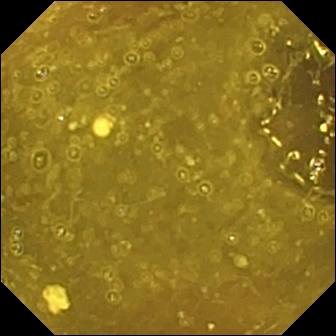Ileo-cecal valve region (the transition from the small bowel to the large bowel) — video capsule endoscopy view.